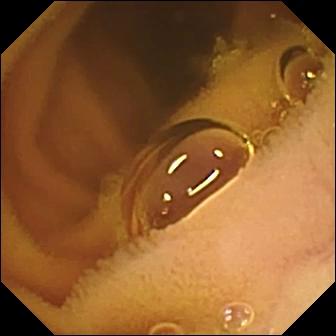PROCEDURE: Wireless capsule endoscopy.
SEGMENT: Small bowel.
FINDINGS: Normal clean mucosa.